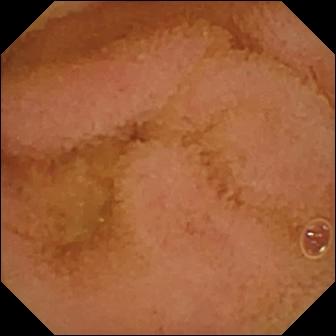Normal clean mucosa — wireless capsule endoscopy still of the small bowel.